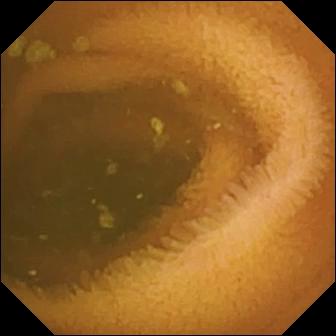Q: What does this small-bowel capsule endoscopy frame show?
A: Normal clean mucosa.